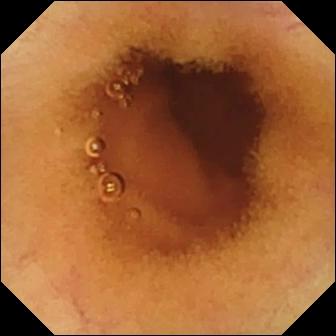Wireless capsule endoscopy still of the small intestine showing normal clean mucosa.